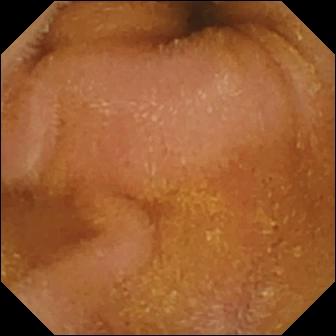modality: WCE
label: normal clean mucosa